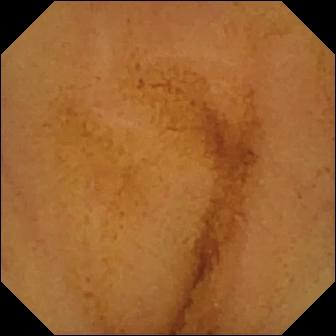This VCE still of the small intestine shows normal clean mucosa.